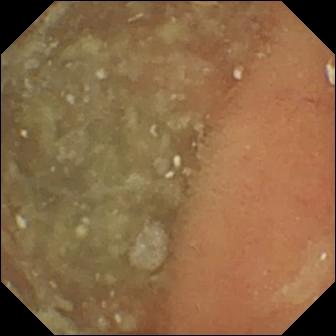PROCEDURE: Video capsule endoscopy.
SEGMENT: Small bowel.
FINDINGS: Normal clean mucosa.